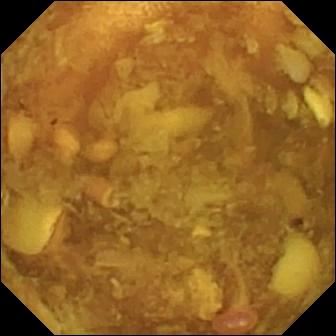Reduced mucosal view (content or bubbles obscuring the mucosa) — VCE frame of the small intestine.